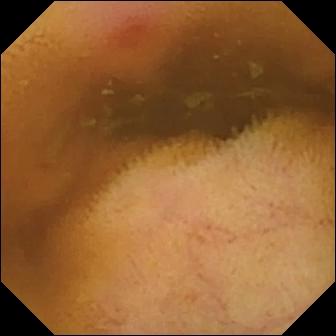PROCEDURE: Capsule endoscopy.
FINDINGS: Erythema (mucosal redness).